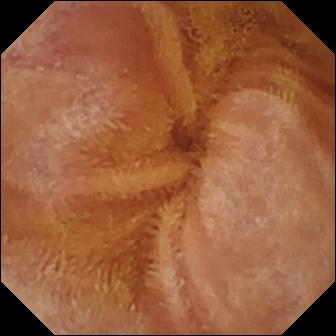Normal clean mucosa — video capsule endoscopy view.